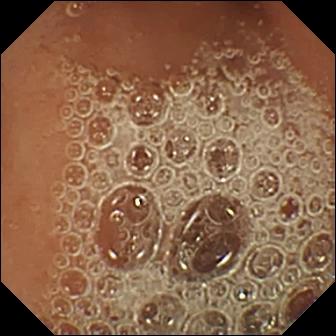Capsule endoscopy frame
Impression: normal clean mucosa